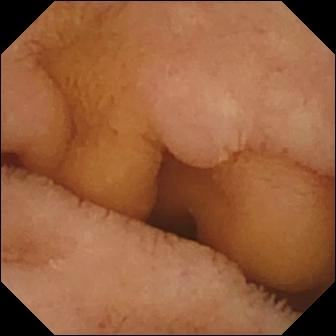VCE view (small intestine). Normal clean mucosa.